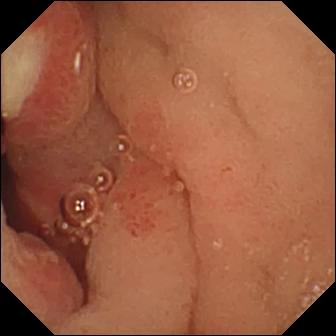Capsule endoscopy image showing ulcer.